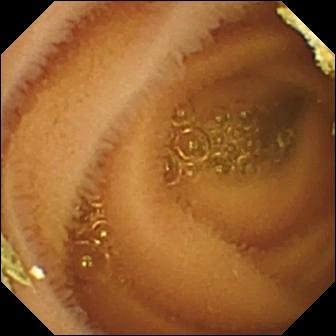Small-bowel capsule endoscopy snapshot, small intestine
Label: normal clean mucosa